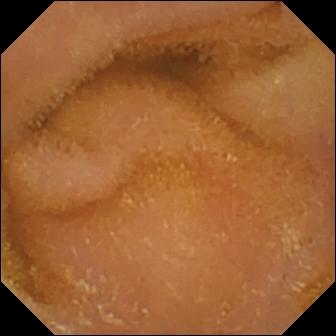Small-bowel capsule endoscopy — normal clean mucosa.